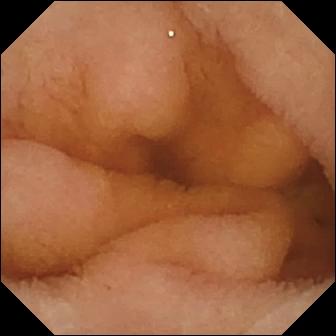Small-bowel capsule endoscopy — normal clean mucosa.